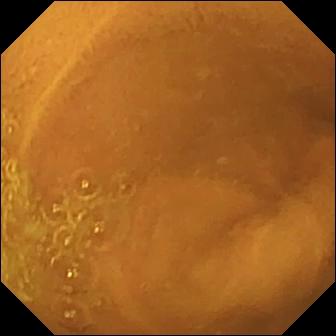Normal clean mucosa (336×336).